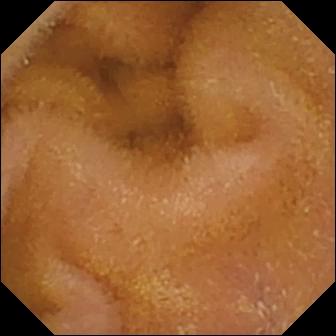Normal clean mucosa — wireless capsule endoscopy frame of the small bowel.